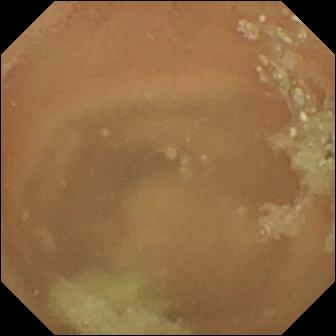PROCEDURE: Video capsule endoscopy.
SEGMENT: Small intestine.
FINDINGS: Normal clean mucosa.